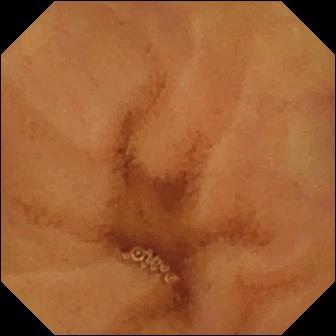VCE snapshot showing normal clean mucosa.